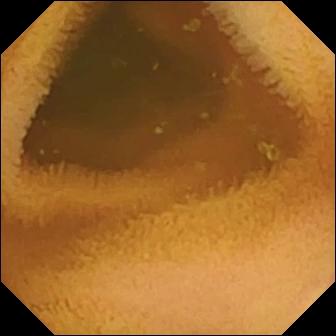- modality: VCE
- segment: small bowel
- finding: normal clean mucosa